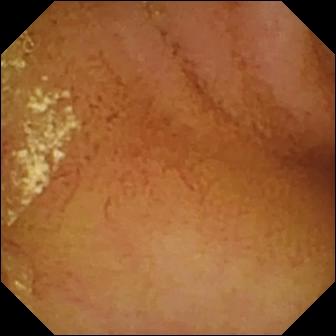modality: WCE; impression: normal clean mucosa